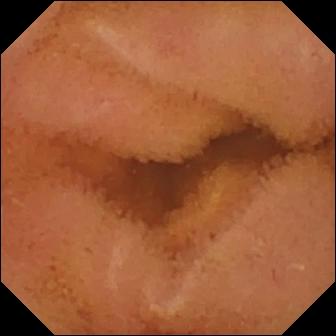WCE view showing normal clean mucosa.